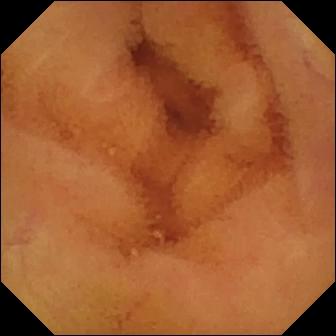modality: WCE | label: normal clean mucosa